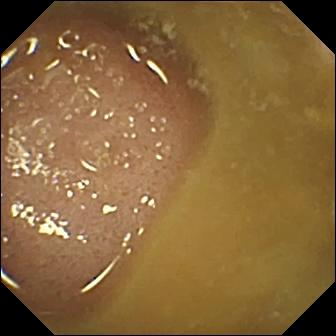Ileo-cecal valve region (the transition from the small bowel to the large bowel) — video capsule endoscopy still.